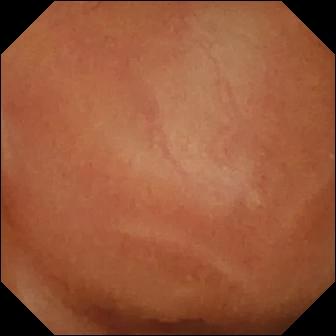Capsule endoscopy. Small bowel. Luminal finding. Label: normal clean mucosa.